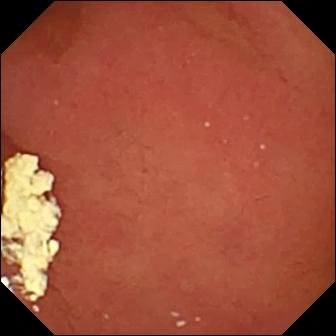Wireless capsule endoscopy — pylorus region (the junction between the stomach and the small bowel).